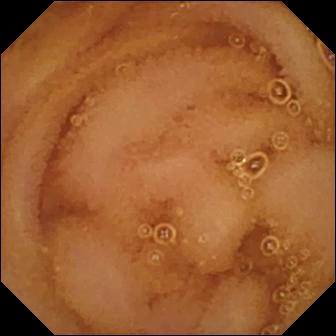Capsule endoscopy snapshot. Normal clean mucosa.